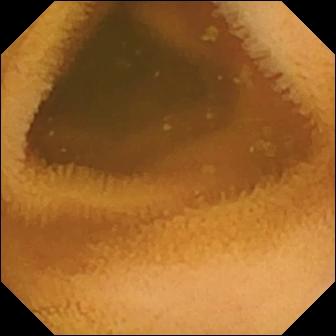- modality: video capsule endoscopy
- segment: small intestine
- observation: normal clean mucosa